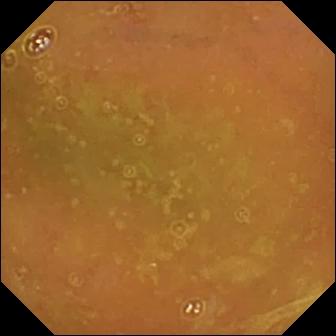WCE — normal clean mucosa.